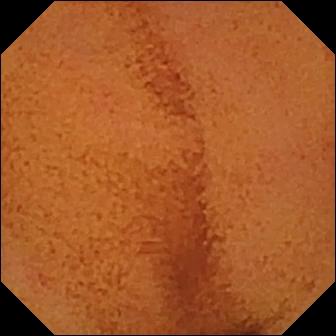{"modality": "video capsule endoscopy", "segment": "small intestine", "finding": "normal clean mucosa"}